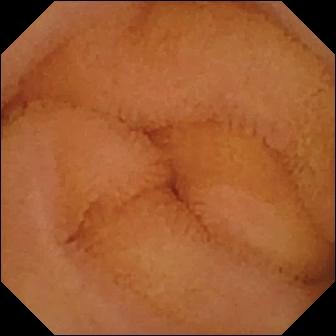PROCEDURE: Small-bowel capsule endoscopy.
SEGMENT: Small bowel.
FINDINGS: Normal clean mucosa.